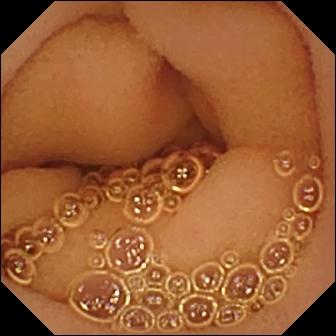Wireless capsule endoscopy. Label: normal clean mucosa.